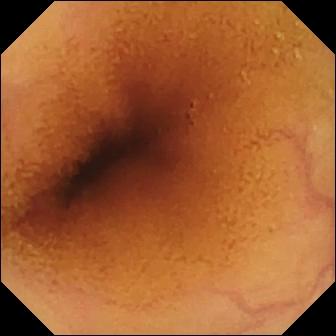Q: What does this capsule endoscopy view show?
A: Normal clean mucosa.